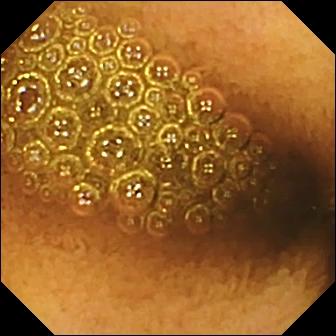This small-bowel capsule endoscopy frame shows reduced mucosal view (content or bubbles obscuring the mucosa).